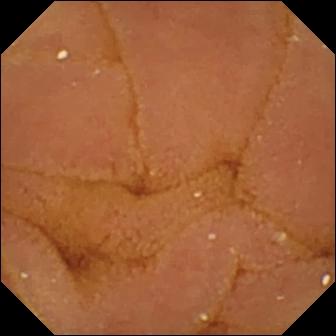PROCEDURE: Small-bowel capsule endoscopy.
SEGMENT: Small intestine.
FINDINGS: Normal clean mucosa.